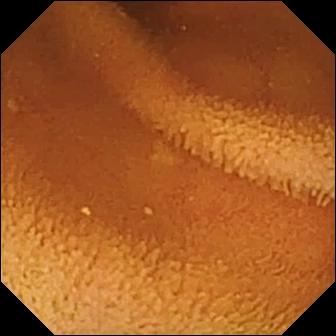Normal clean mucosa.